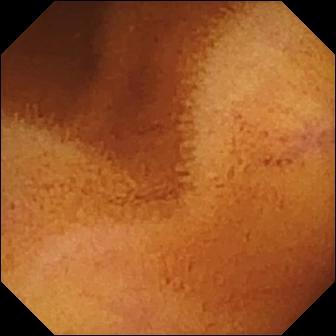Q: What does this capsule endoscopy view of the small intestine show?
A: Normal clean mucosa.